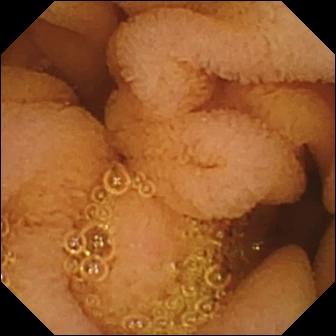- modality: video capsule endoscopy
- segment: small bowel
- label: normal clean mucosa